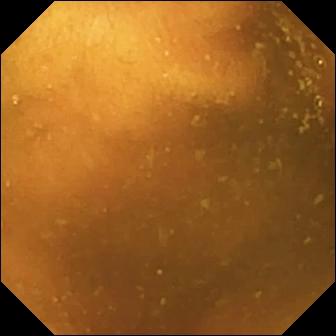Video capsule endoscopy — normal clean mucosa.